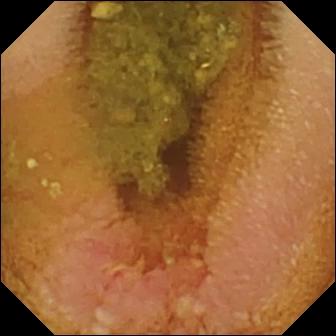Erosion.